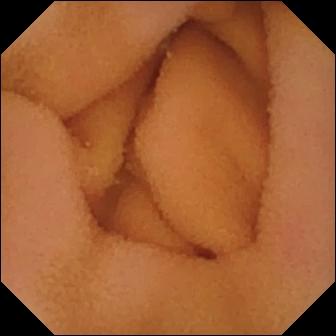PROCEDURE: WCE.
FINDINGS: Normal clean mucosa.